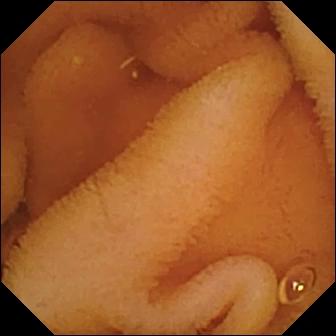{"modality": "WCE", "segment": "small intestine", "finding": "normal clean mucosa"}